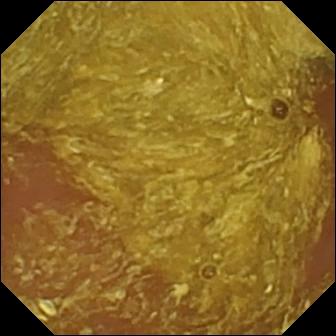Reduced mucosal view (content or bubbles obscuring the mucosa) — WCE still.